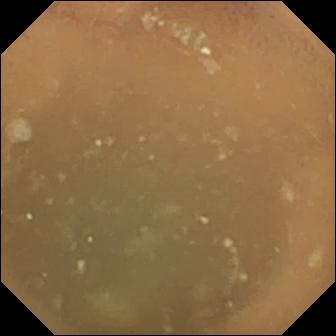modality: WCE | observation: normal clean mucosa